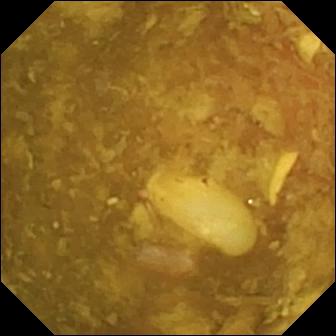Wireless capsule endoscopy frame. Reduced mucosal view (content or bubbles obscuring the mucosa).